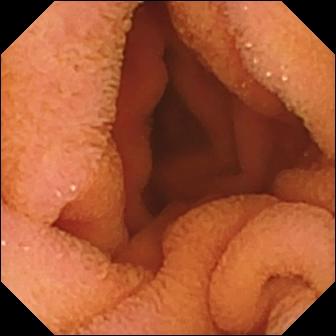Normal clean mucosa.